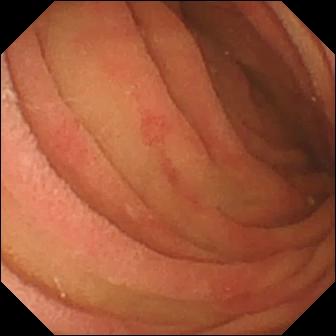Q: Where in the digestive tract was this WCE image taken?
A: Pylorus region.